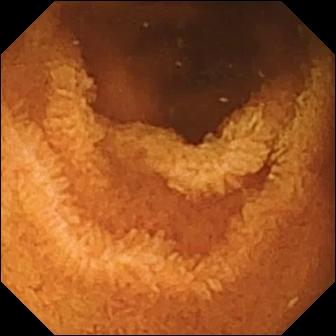Q: What does this capsule endoscopy image show?
A: Normal clean mucosa.